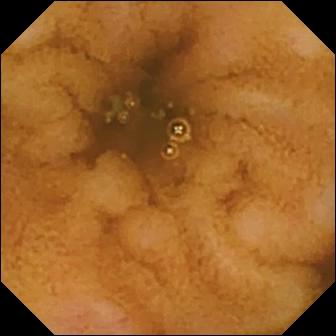PROCEDURE: Video capsule endoscopy.
FINDINGS: Erosion.